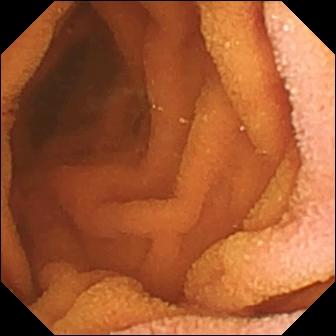Normal clean mucosa (336×336).